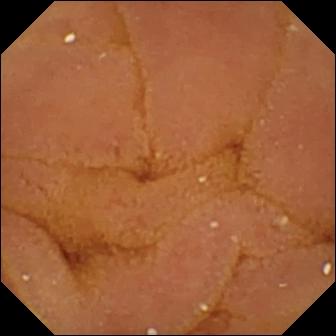Normal clean mucosa.